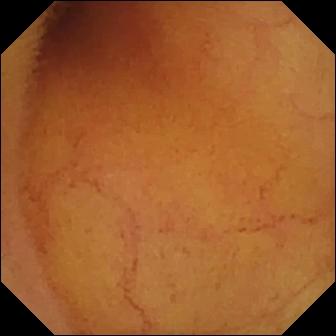modality: video capsule endoscopy; impression: normal clean mucosa